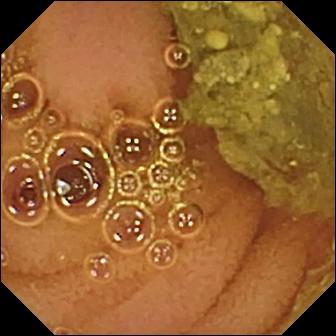Normal clean mucosa — VCE still.